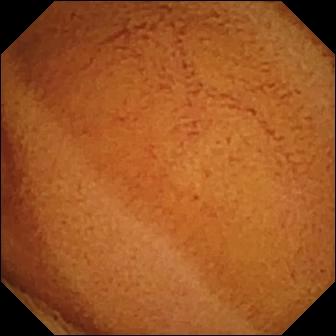modality: VCE | segment: small bowel | category: luminal finding | impression: normal clean mucosa